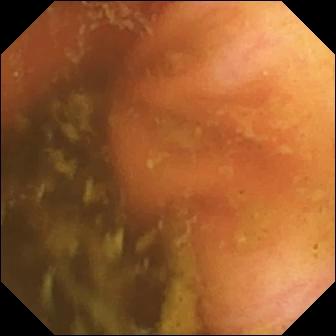Video capsule endoscopy still taken in the ileo-cecal valve region (the transition from the small bowel to the large bowel).